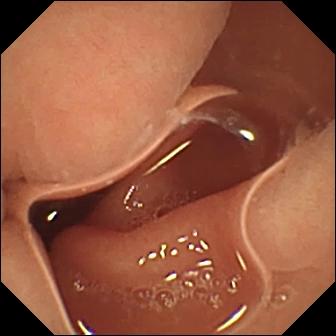- modality: video capsule endoscopy
- impression: normal clean mucosa